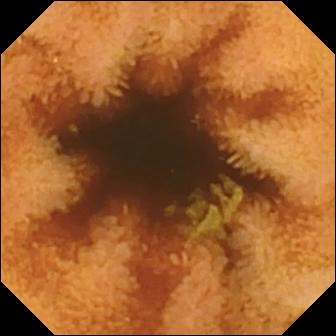Q: What does this capsule endoscopy snapshot of the small intestine show?
A: Normal clean mucosa.